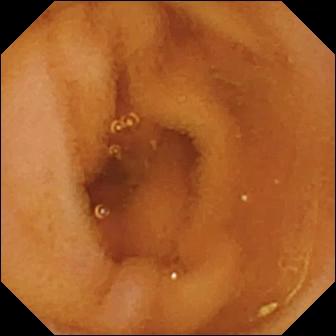Normal clean mucosa — VCE snapshot of the small bowel.